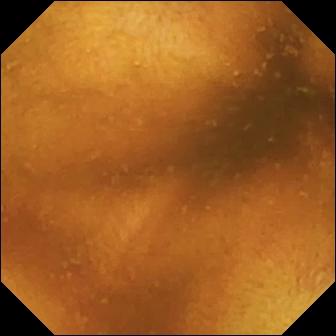Small-bowel capsule endoscopy — normal clean mucosa.